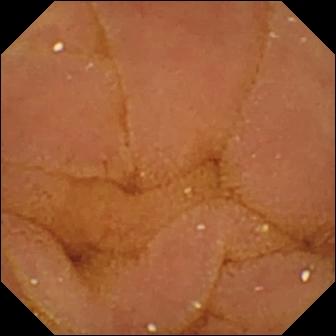{"modality": "small-bowel capsule endoscopy", "segment": "small bowel", "finding": "normal clean mucosa"}